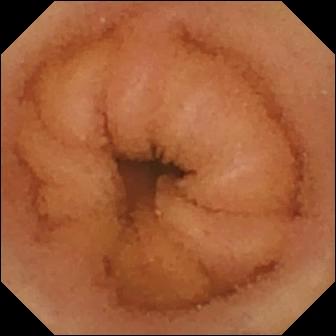- modality: video capsule endoscopy
- segment: small bowel
- label: normal clean mucosa